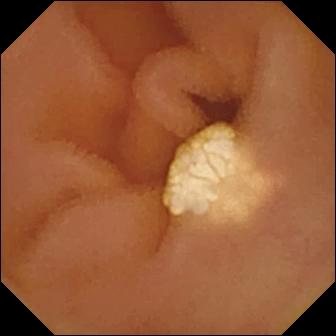{"modality": "video capsule endoscopy", "category": "luminal finding", "finding": "lymphangiectasia"}